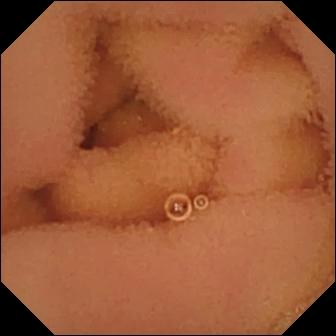Q: What does this WCE image show?
A: Normal clean mucosa.